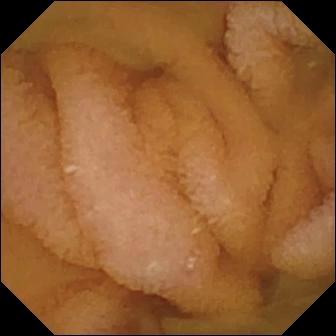Capsule endoscopy view (small intestine). Normal clean mucosa.